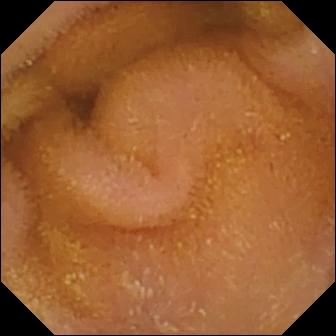{"modality": "WCE", "segment": "small bowel", "finding": "normal clean mucosa"}